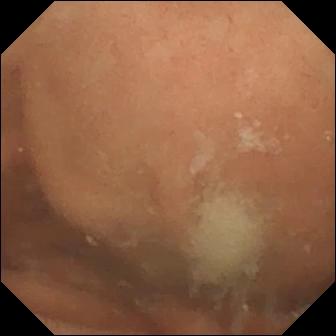Wireless capsule endoscopy — normal clean mucosa.